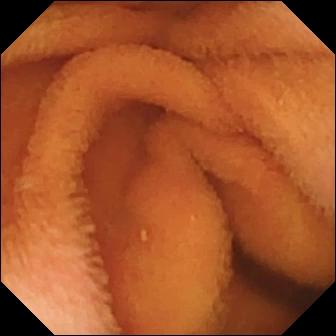PROCEDURE: VCE.
SEGMENT: Small intestine.
FINDINGS: Normal clean mucosa.